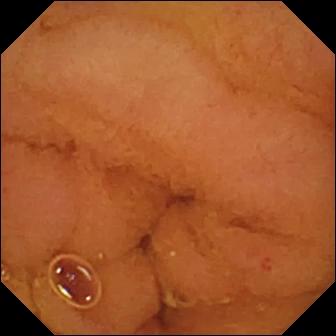modality: wireless capsule endoscopy | segment: small intestine | label: normal clean mucosa